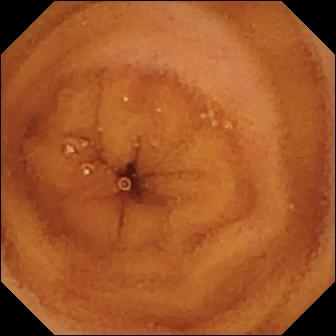- modality: video capsule endoscopy
- segment: small bowel
- category: luminal finding
- finding: normal clean mucosa